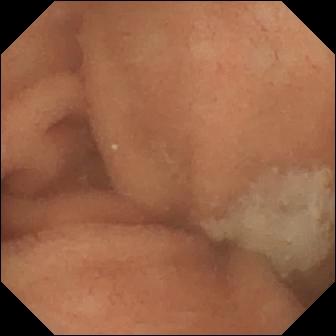Normal clean mucosa — wireless capsule endoscopy frame of the small intestine.